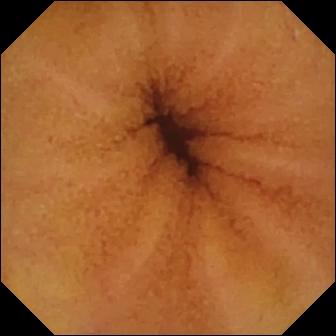Q: What does this capsule endoscopy view of the small intestine show?
A: Normal clean mucosa.